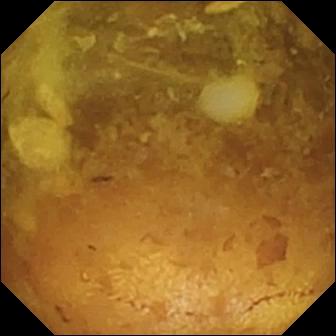WCE. Finding: reduced mucosal view (content or bubbles obscuring the mucosa).